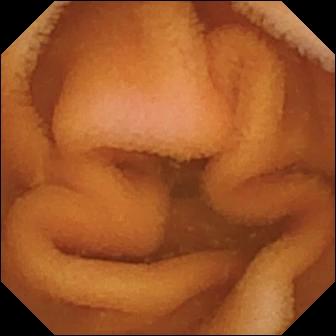Normal clean mucosa — small-bowel capsule endoscopy view of the small bowel.